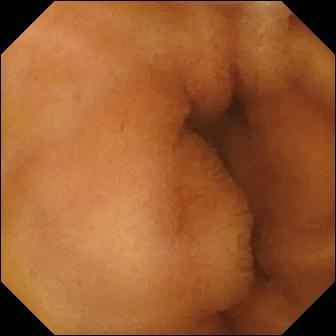Q: What does this capsule endoscopy view show?
A: Normal clean mucosa.